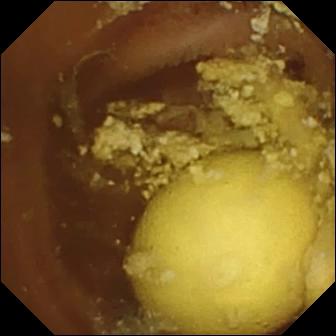Capsule endoscopy view
Finding: foreign body (e.g. retained capsule, tablet residue)